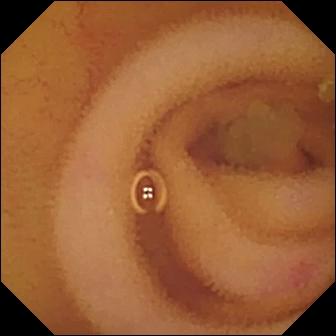modality: small-bowel capsule endoscopy
category: luminal finding
impression: angiectasia